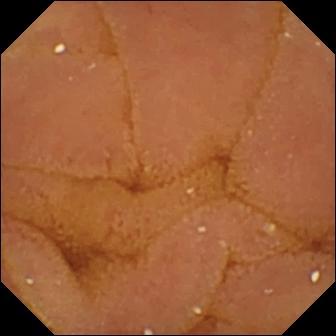{"modality": "small-bowel capsule endoscopy", "finding": "normal clean mucosa"}